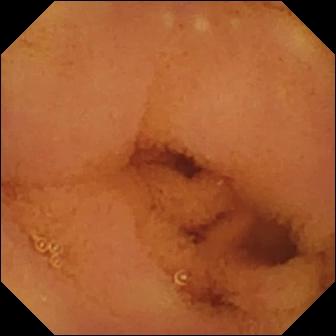Normal clean mucosa — WCE image of the small intestine.